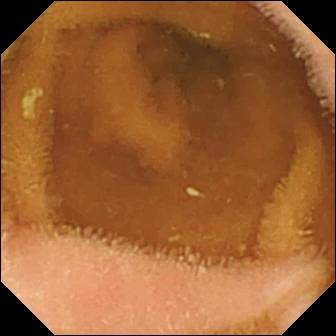PROCEDURE: VCE.
SEGMENT: Small bowel.
FINDINGS: Normal clean mucosa.